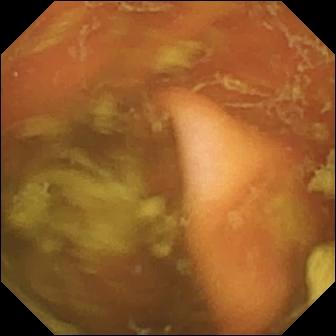Video capsule endoscopy view
Position: ileo-cecal valve region (where the capsule passes from the small bowel into the large bowel)